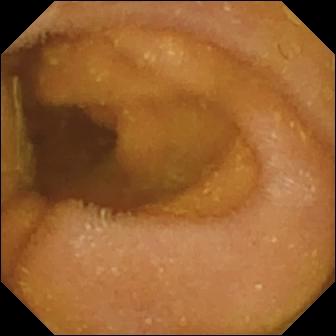VCE snapshot. Normal clean mucosa.